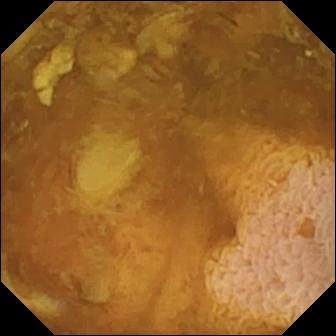This VCE image shows reduced mucosal view (content or bubbles obscuring the mucosa).